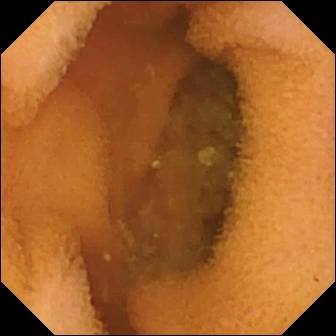WCE. Small intestine. Observation: normal clean mucosa.